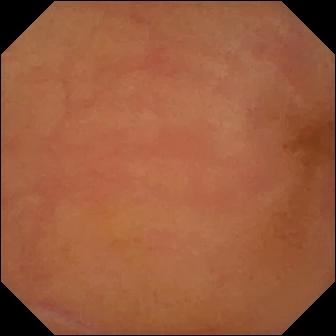{"modality": "small-bowel capsule endoscopy", "finding": "erythema (mucosal redness)"}